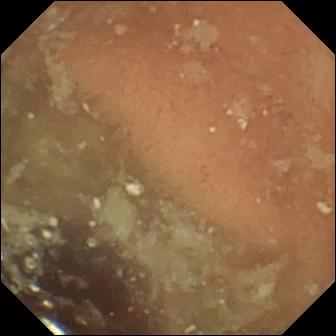Small-bowel capsule endoscopy image. Normal clean mucosa.